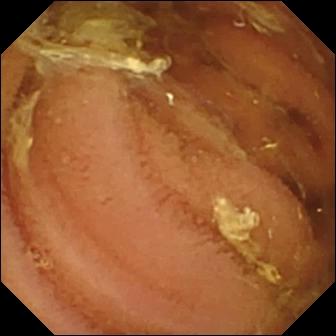Q: What does this wireless capsule endoscopy view show?
A: Normal clean mucosa.